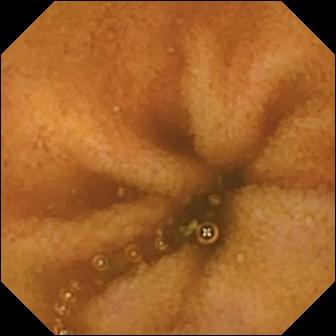Normal clean mucosa (336×336).